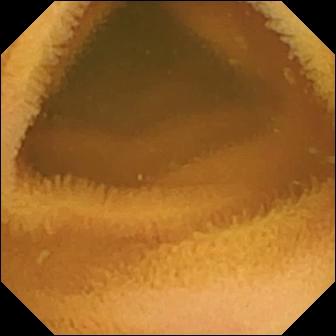Small-bowel capsule endoscopy snapshot, small intestine
Label: normal clean mucosa